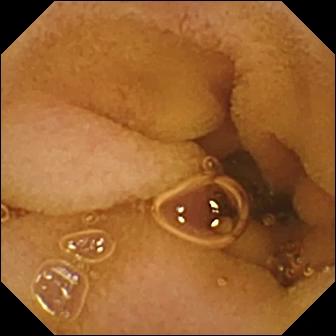modality: video capsule endoscopy; segment: small bowel; observation: normal clean mucosa